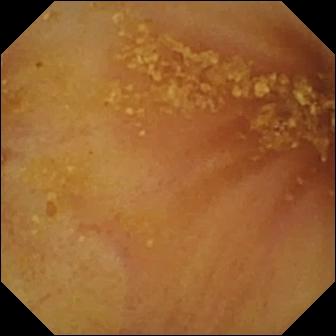Ileo-cecal valve region — capsule endoscopy view.